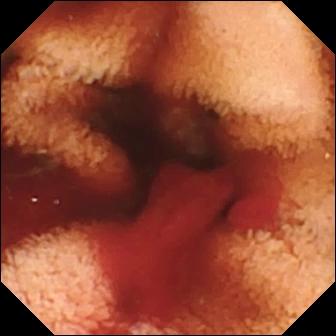{"modality": "VCE", "category": "luminal finding", "finding": "fresh blood in the lumen"}